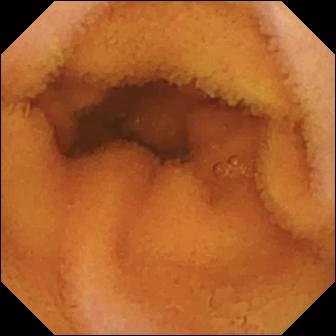- modality: wireless capsule endoscopy
- finding: normal clean mucosa